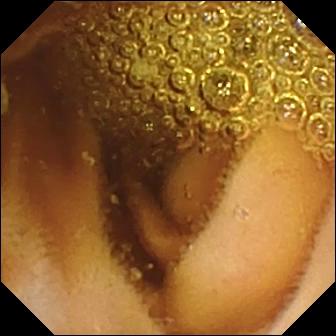Q: What does this wireless capsule endoscopy frame show?
A: Normal clean mucosa.